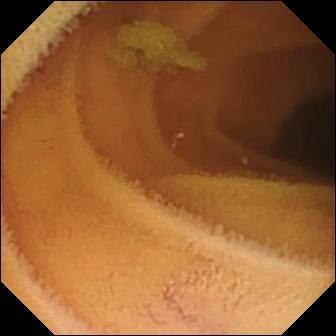Q: What does this small-bowel capsule endoscopy still show?
A: Normal clean mucosa.